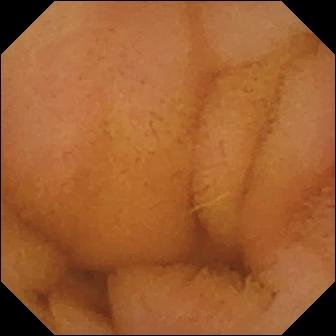VCE — normal clean mucosa.